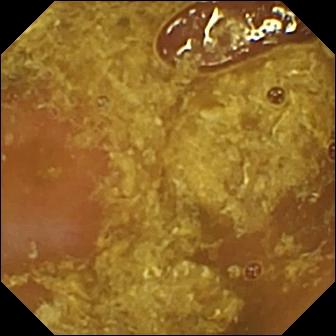This video capsule endoscopy snapshot shows reduced mucosal view (content or bubbles obscuring the mucosa).